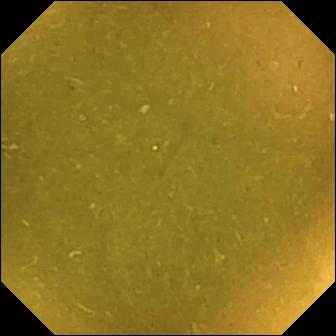Wireless capsule endoscopy frame, 336×336. Taken in the ileo-cecal valve region.